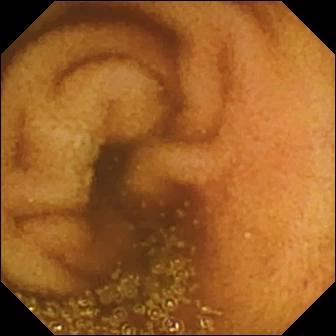Wireless capsule endoscopy snapshot (small intestine). Normal clean mucosa.